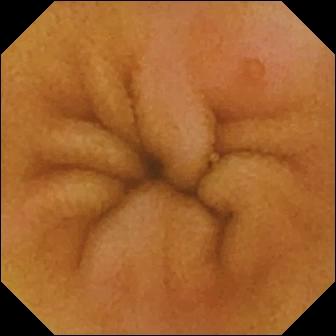Erosion — wireless capsule endoscopy view.